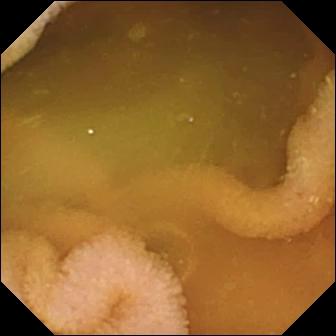Normal clean mucosa.